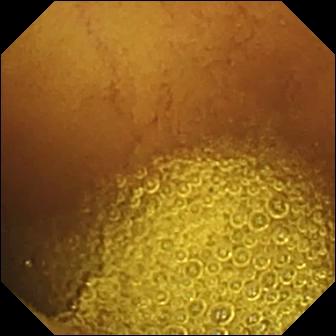Video capsule endoscopy — normal clean mucosa.